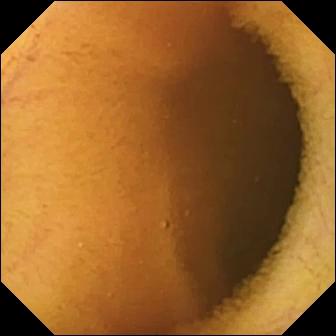PROCEDURE: VCE.
SEGMENT: Small intestine.
FINDINGS: Normal clean mucosa.